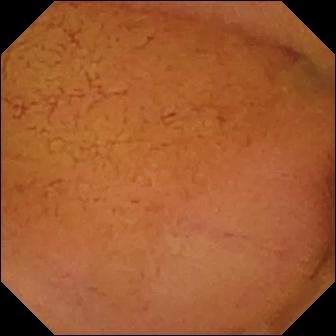Wireless capsule endoscopy snapshot, small bowel
Impression: normal clean mucosa